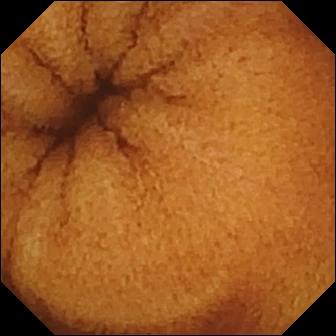{"modality": "video capsule endoscopy", "segment": "small intestine", "finding": "normal clean mucosa"}